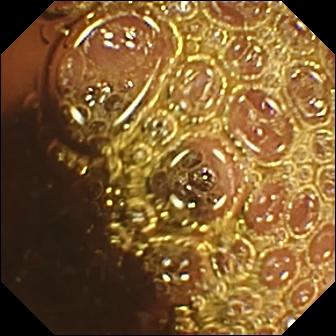This wireless capsule endoscopy frame of the small intestine shows normal clean mucosa.